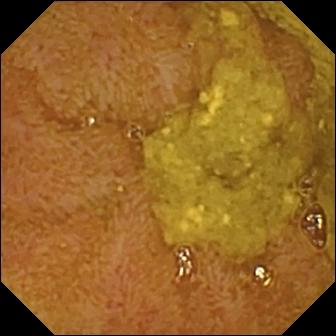Capsule endoscopy image
Position: ileo-cecal valve region (where the capsule passes from the small bowel into the large bowel)